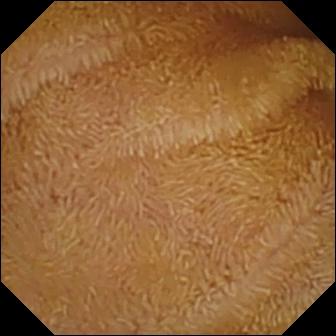Small-bowel capsule endoscopy. Impression: normal clean mucosa.